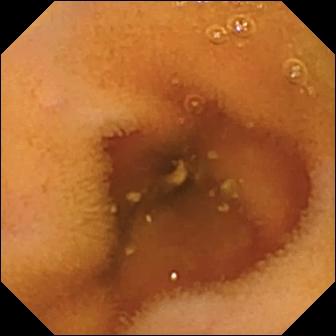{"modality": "video capsule endoscopy", "segment": "small intestine", "category": "luminal finding", "finding": "normal clean mucosa"}